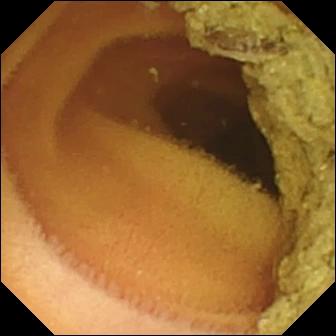Normal clean mucosa — small-bowel capsule endoscopy still of the small bowel.